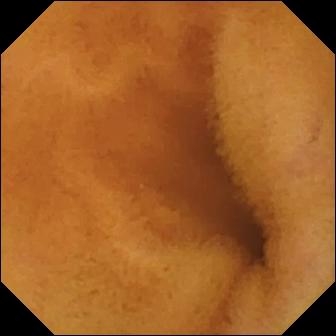This small-bowel capsule endoscopy frame shows normal clean mucosa.